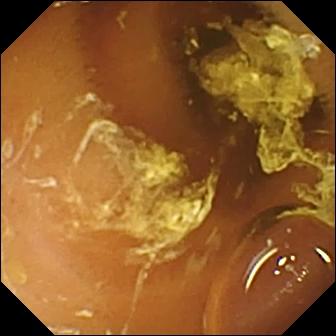This WCE still of the small bowel shows normal clean mucosa.